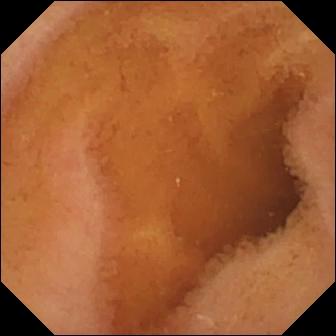{"modality": "WCE", "segment": "small bowel", "finding": "normal clean mucosa"}